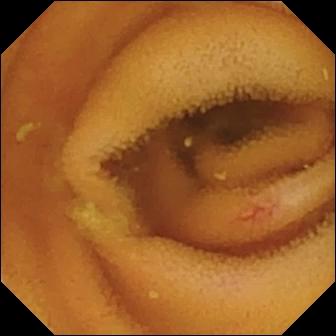Q: What does this capsule endoscopy view show?
A: Angiectasia.